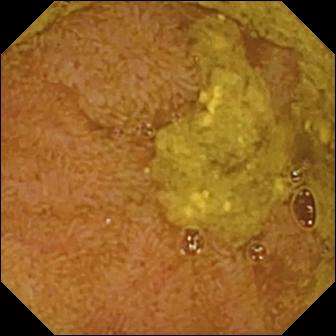Wireless capsule endoscopy — ileo-cecal valve region (the transition from the small bowel to the large bowel).